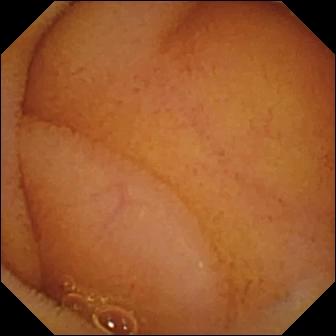Normal clean mucosa — video capsule endoscopy view of the small bowel.